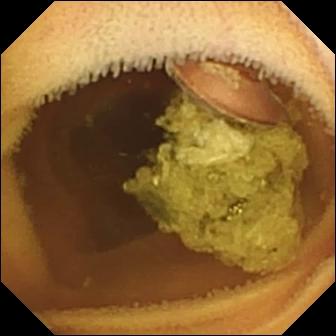{"modality": "VCE", "segment": "small intestine", "finding": "normal clean mucosa"}